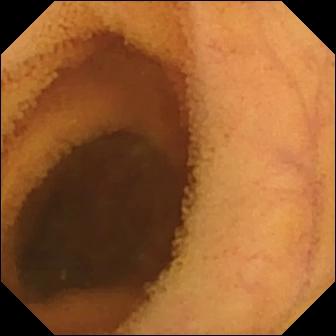Small-bowel capsule endoscopy — normal clean mucosa.